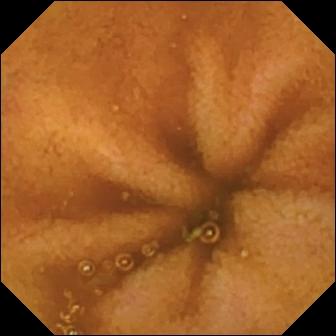Normal clean mucosa — wireless capsule endoscopy frame.